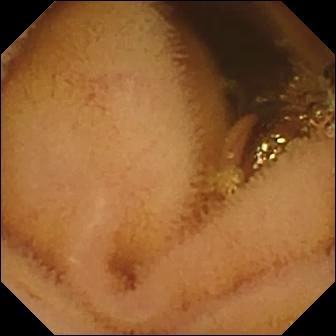This wireless capsule endoscopy frame of the small bowel shows normal clean mucosa.